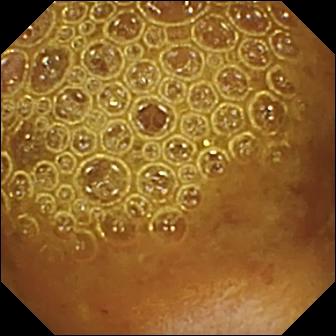Reduced mucosal view (content or bubbles obscuring the mucosa) — capsule endoscopy image of the small intestine.